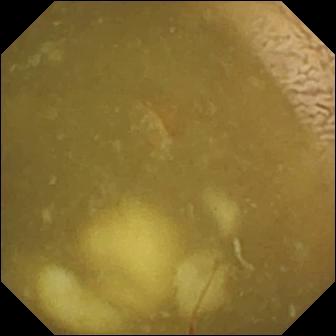This WCE view was taken in the ileo-cecal valve region.